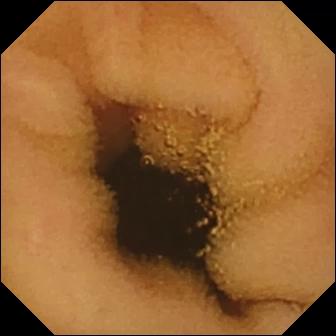VCE — normal clean mucosa.